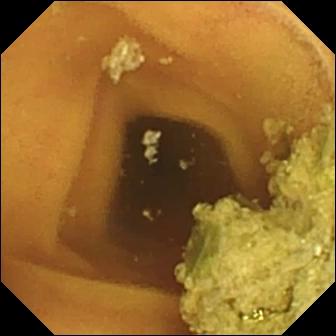Q: What does this capsule endoscopy image show?
A: Normal clean mucosa.